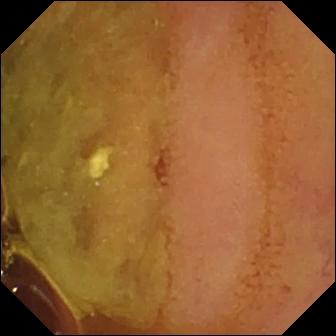Normal clean mucosa.